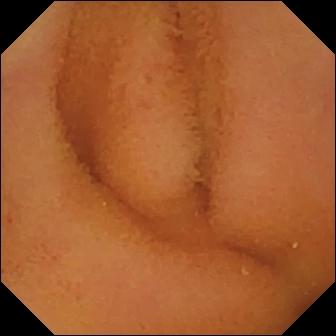Small-bowel capsule endoscopy — normal clean mucosa.